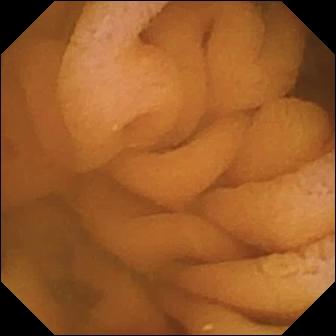Q: What does this WCE still of the small intestine show?
A: Normal clean mucosa.